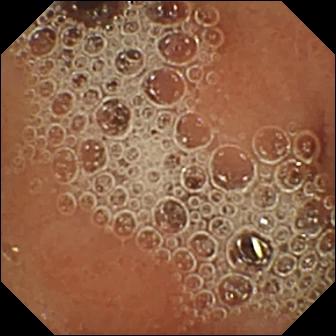Normal clean mucosa.